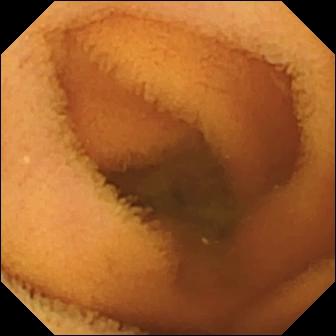VCE view. Normal clean mucosa.